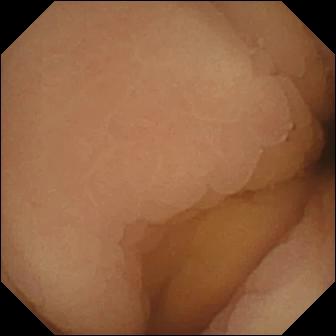WCE. Video segment: pylorus region (where the capsule passes from the stomach into the small bowel).